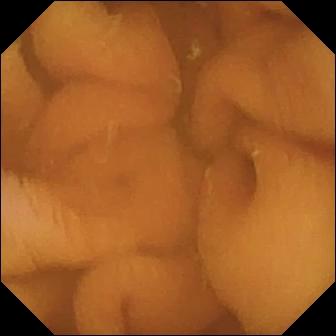Small-bowel capsule endoscopy. Observation: normal clean mucosa.